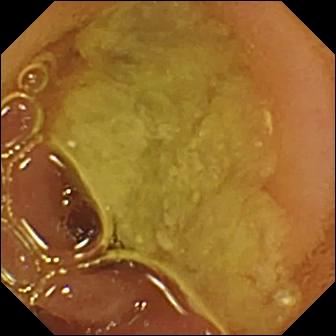Normal clean mucosa.